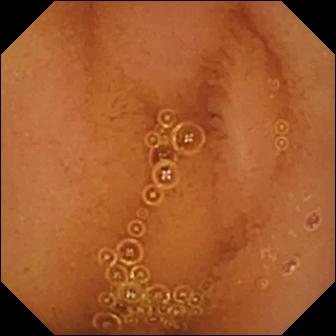modality: wireless capsule endoscopy
observation: normal clean mucosa